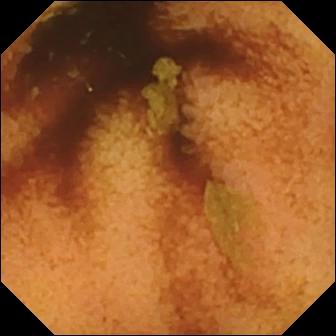modality: video capsule endoscopy; category: luminal finding; finding: normal clean mucosa